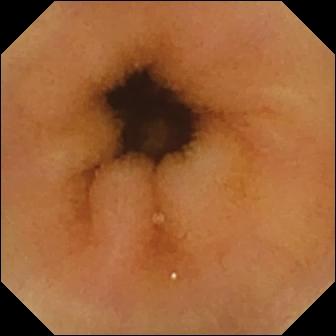Q: What does this VCE frame of the small intestine show?
A: Normal clean mucosa.